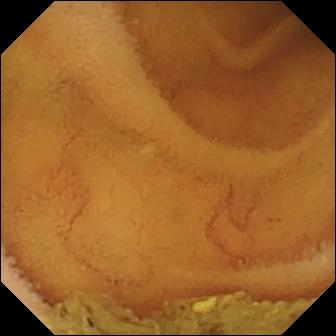VCE view of the small intestine showing normal clean mucosa.